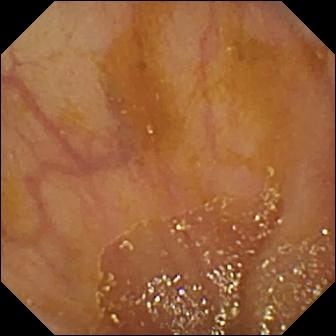modality: capsule endoscopy; category: anatomical landmark; video segment: ileo-cecal valve region (the transition from the small bowel to the large bowel)